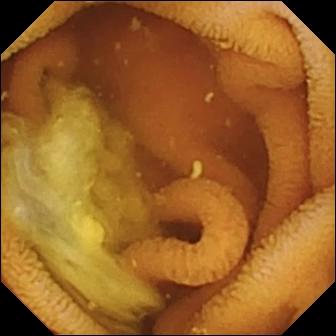Small-bowel capsule endoscopy — normal clean mucosa.